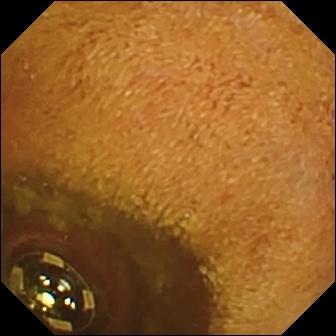Video capsule endoscopy — foreign body (e.g. retained capsule, tablet residue).